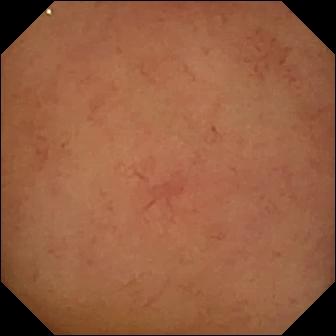Capsule endoscopy frame showing normal clean mucosa.